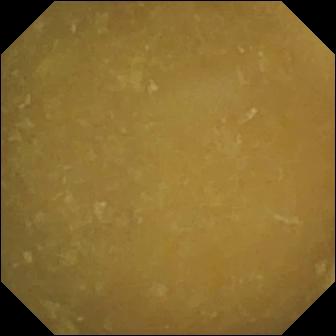WCE view
Video segment: ileo-cecal valve region (the transition from the small bowel to the large bowel)